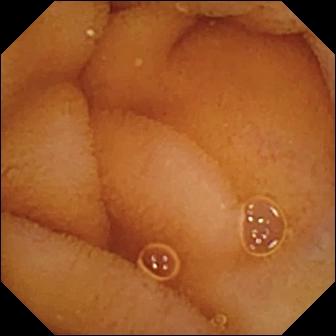Video capsule endoscopy image, small bowel
Finding: normal clean mucosa